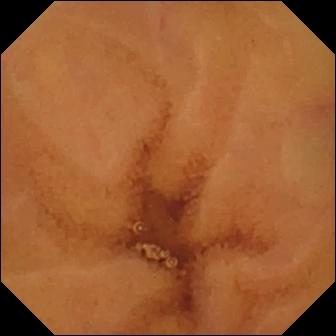Wireless capsule endoscopy image showing normal clean mucosa.